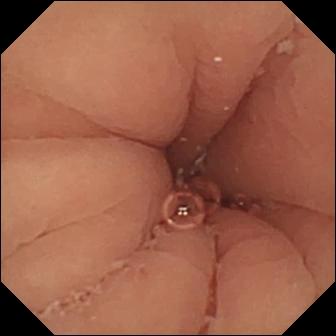modality: video capsule endoscopy | location: pylorus region (the junction between the stomach and the small bowel)